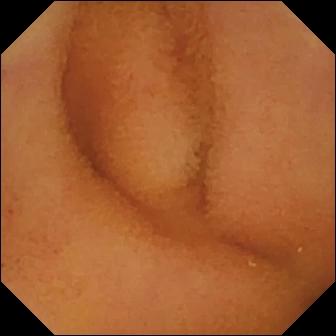Q: What does this VCE frame show?
A: Normal clean mucosa.